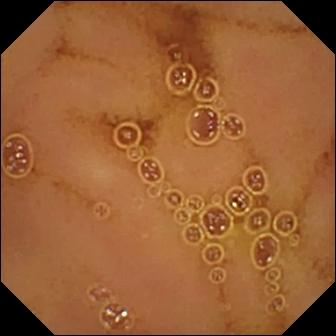Video capsule endoscopy snapshot, small bowel
Observation: normal clean mucosa